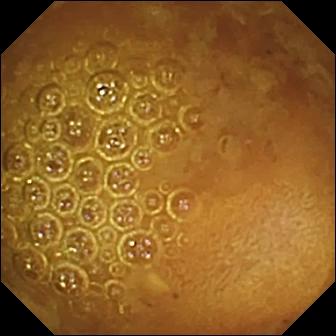Reduced mucosal view (content or bubbles obscuring the mucosa) — wireless capsule endoscopy view.